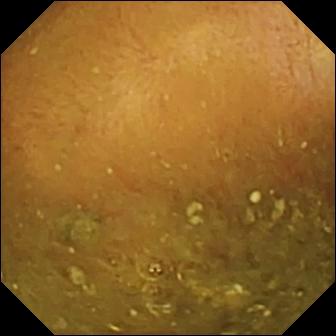Reduced mucosal view (content or bubbles obscuring the mucosa).